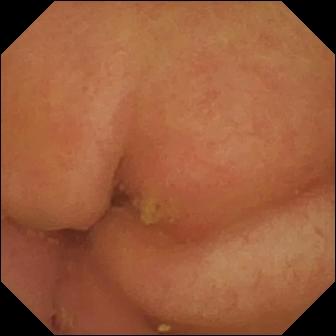Capsule endoscopy still. Taken in the pylorus region (where the capsule passes from the stomach into the small bowel).